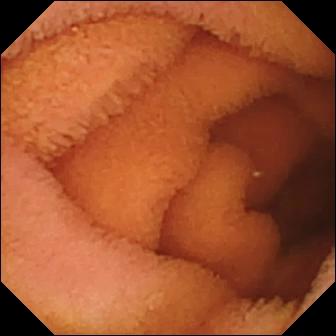Normal clean mucosa.